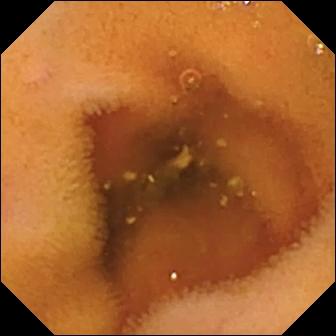PROCEDURE: Capsule endoscopy.
FINDINGS: Normal clean mucosa.